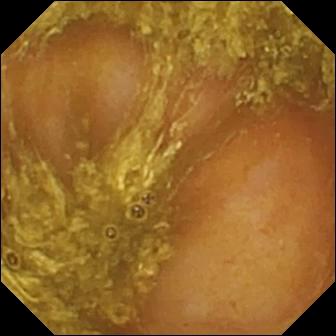PROCEDURE: WCE.
SEGMENT: Small bowel.
FINDINGS: Reduced mucosal view (content or bubbles obscuring the mucosa).